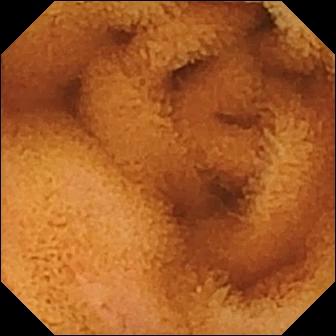Video capsule endoscopy view. Normal clean mucosa.